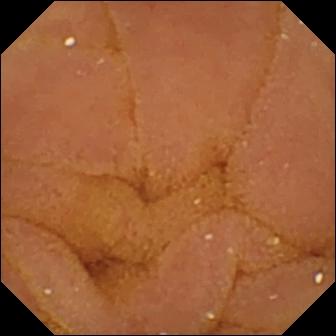PROCEDURE: VCE.
FINDINGS: Normal clean mucosa.